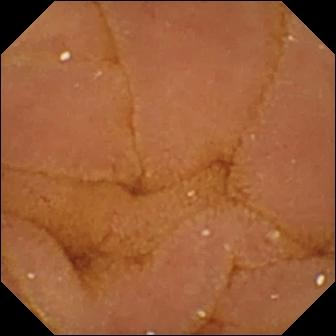PROCEDURE: Capsule endoscopy.
SEGMENT: Small bowel.
FINDINGS: Normal clean mucosa.